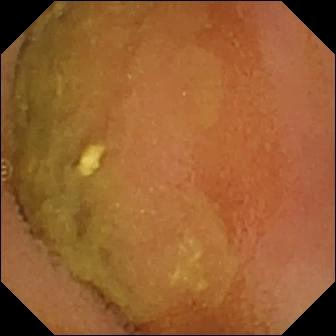Capsule endoscopy. Small bowel. Finding: normal clean mucosa.